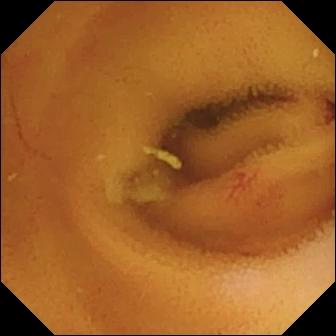PROCEDURE: Small-bowel capsule endoscopy.
FINDINGS: Angiectasia.